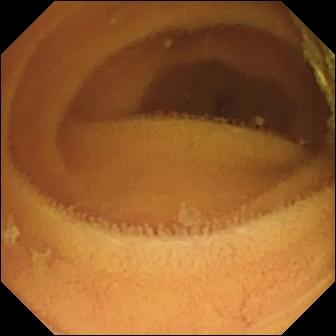This capsule endoscopy view shows normal clean mucosa.